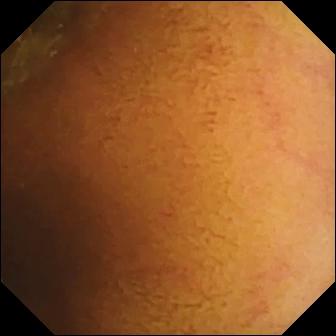This WCE view shows normal clean mucosa.